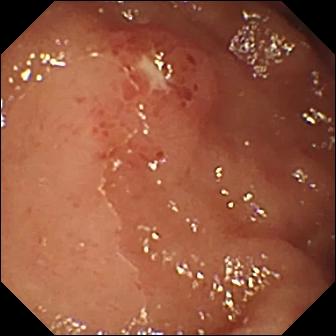Video capsule endoscopy still showing ulcer.